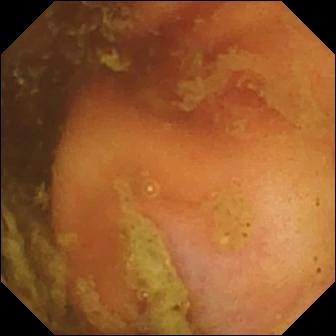VCE snapshot
Location: ileo-cecal valve region (the transition from the small bowel to the large bowel)